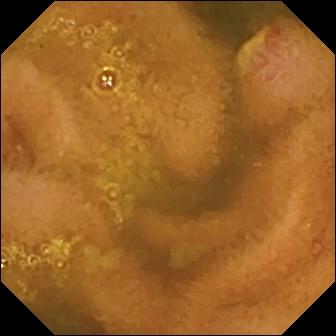Ulcer (336×336).